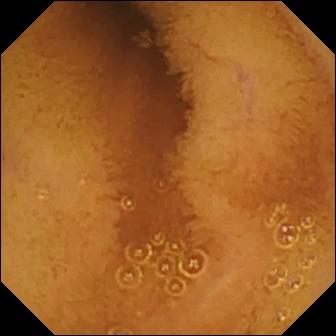{"modality": "VCE", "category": "luminal finding", "finding": "normal clean mucosa"}